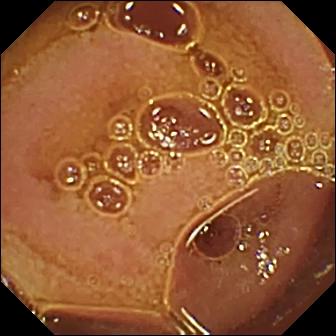Q: What does this video capsule endoscopy frame of the small intestine show?
A: Normal clean mucosa.